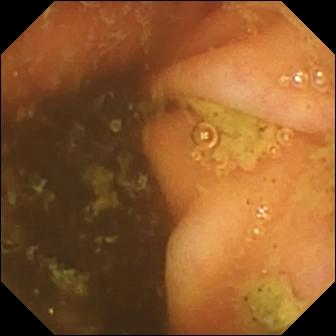This wireless capsule endoscopy frame was taken in the ileo-cecal valve region.